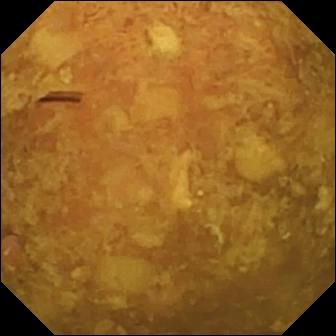Capsule endoscopy frame (small intestine), 336×336. Reduced mucosal view (content or bubbles obscuring the mucosa).